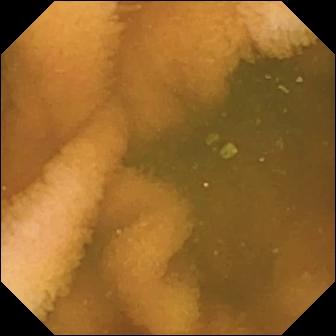Wireless capsule endoscopy — normal clean mucosa.